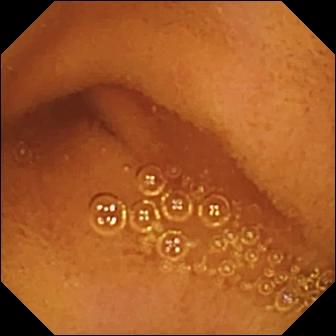Wireless capsule endoscopy. Small bowel. Luminal finding. Finding: normal clean mucosa.